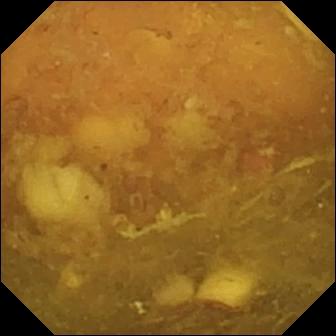Wireless capsule endoscopy frame
Finding: reduced mucosal view (content or bubbles obscuring the mucosa)